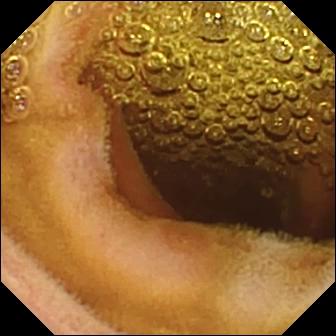Q: What does this WCE view show?
A: Erosion.